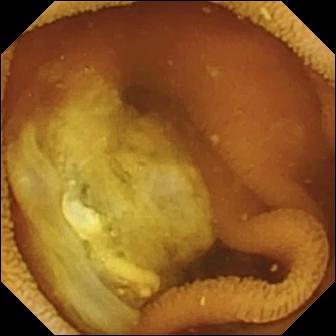- modality: capsule endoscopy
- segment: small intestine
- finding: normal clean mucosa